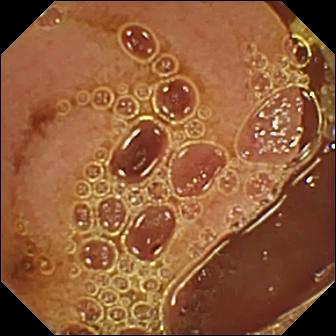Wireless capsule endoscopy — normal clean mucosa.